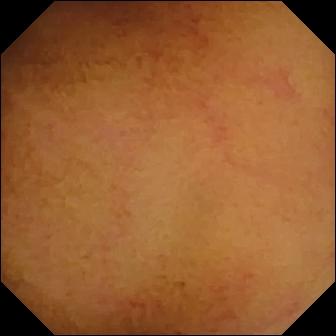Capsule endoscopy image (small intestine), 336×336. Normal clean mucosa.